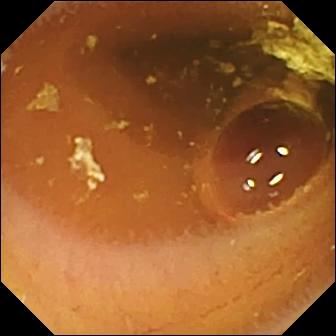VCE — normal clean mucosa.